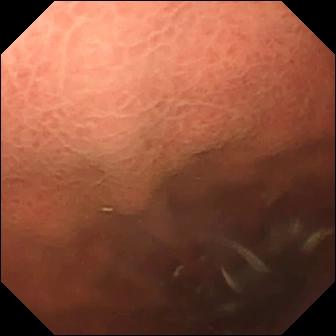{"modality": "wireless capsule endoscopy", "video_segment": "pylorus region (the junction between the stomach and the small bowel)"}